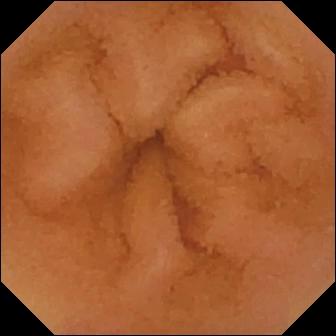PROCEDURE: Video capsule endoscopy.
FINDINGS: Normal clean mucosa.